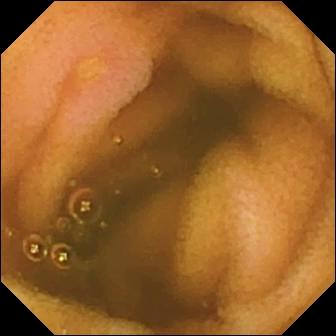Erosion (336×336).